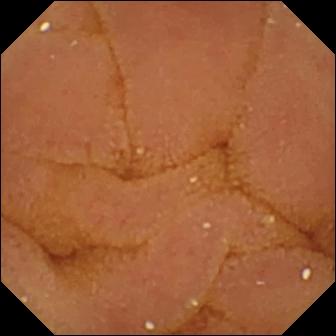PROCEDURE: Wireless capsule endoscopy.
SEGMENT: Small intestine.
FINDINGS: Normal clean mucosa.